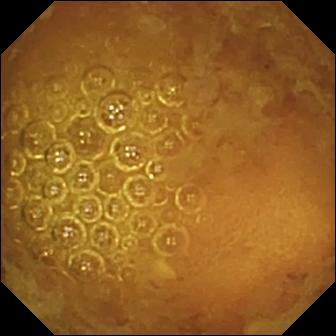Wireless capsule endoscopy. Observation: reduced mucosal view (content or bubbles obscuring the mucosa).